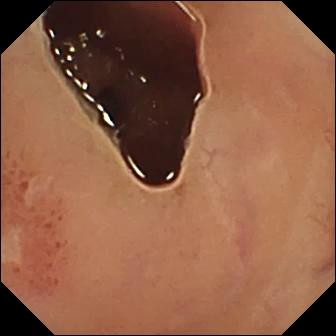Video capsule endoscopy image. Ulcer.